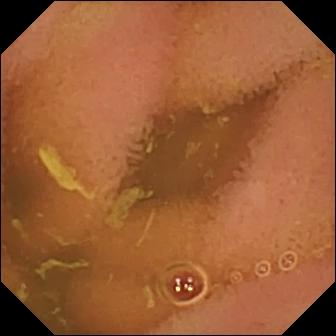Normal clean mucosa (336×336).